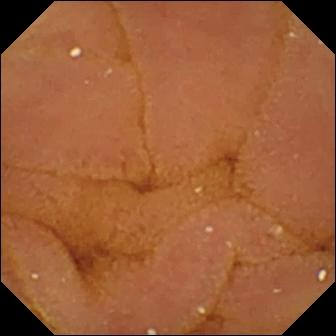modality: small-bowel capsule endoscopy
impression: normal clean mucosa